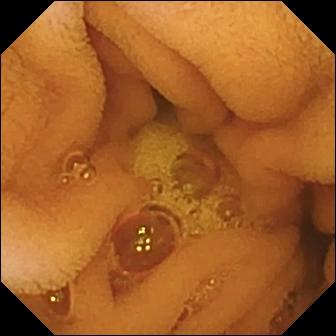Normal clean mucosa.